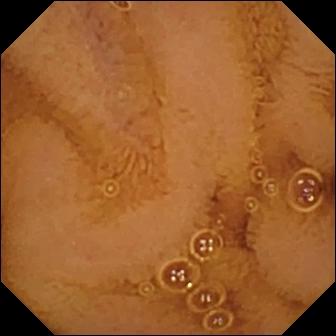- modality: video capsule endoscopy
- segment: small bowel
- category: luminal finding
- label: normal clean mucosa